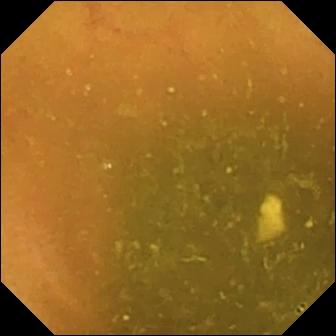VCE frame
Video segment: ileo-cecal valve region (where the capsule passes from the small bowel into the large bowel)